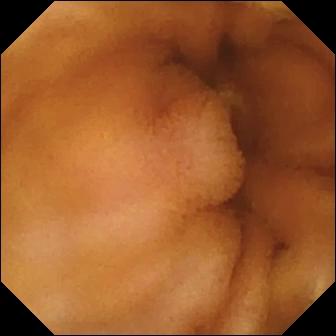PROCEDURE: Video capsule endoscopy.
SEGMENT: Small intestine.
FINDINGS: Normal clean mucosa.